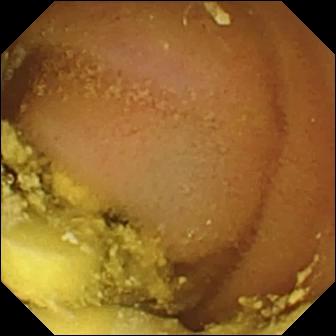VCE snapshot. Foreign body (e.g. retained capsule, tablet residue).